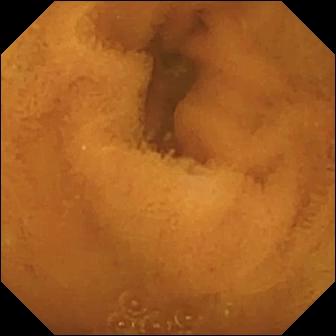VCE view. Normal clean mucosa.